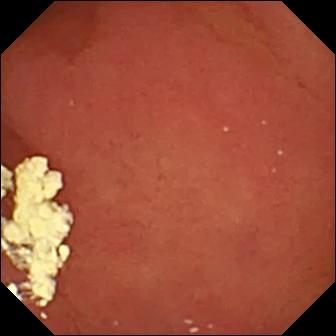Pylorus region (the junction between the stomach and the small bowel).